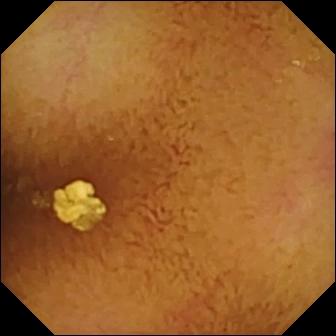WCE frame of the small bowel showing normal clean mucosa.